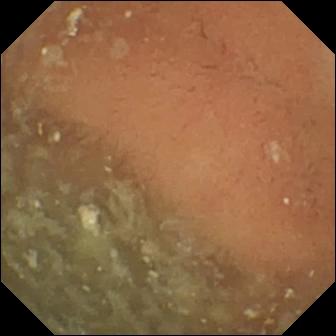Normal clean mucosa — capsule endoscopy snapshot of the small bowel.